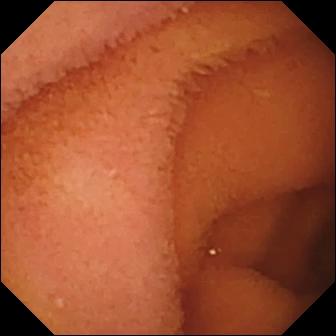Wireless capsule endoscopy snapshot of the small bowel showing normal clean mucosa.